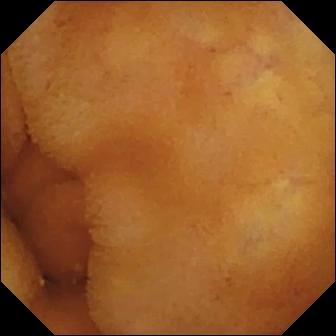PROCEDURE: Small-bowel capsule endoscopy.
FINDINGS: Normal clean mucosa.